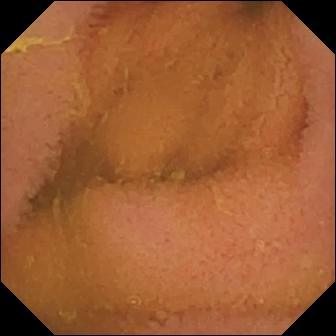This video capsule endoscopy still of the small intestine shows normal clean mucosa.